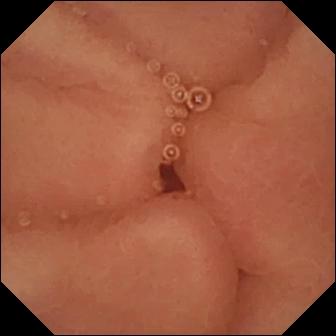This capsule endoscopy frame was taken in the pylorus region (the junction between the stomach and the small bowel).